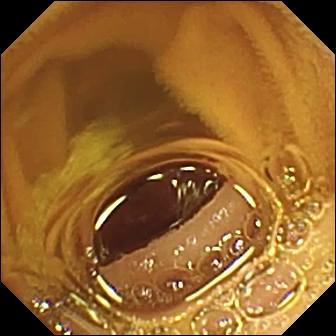VCE image
Label: normal clean mucosa